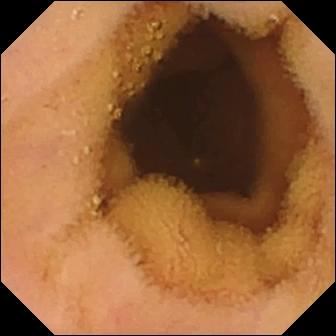Small-bowel capsule endoscopy view of the small bowel showing normal clean mucosa.